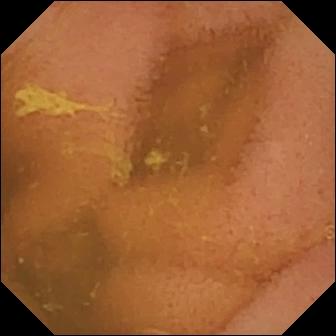- modality: wireless capsule endoscopy
- segment: small bowel
- impression: normal clean mucosa